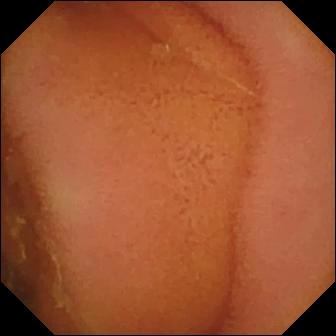PROCEDURE: Wireless capsule endoscopy.
SEGMENT: Small bowel.
FINDINGS: Normal clean mucosa.